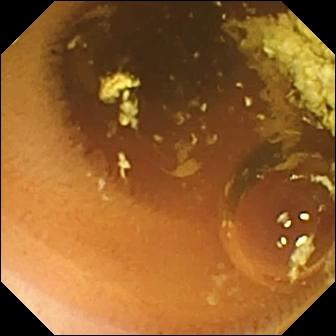Normal clean mucosa (336×336).